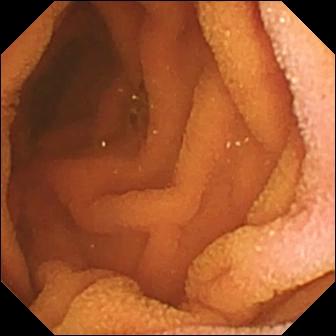Normal clean mucosa.